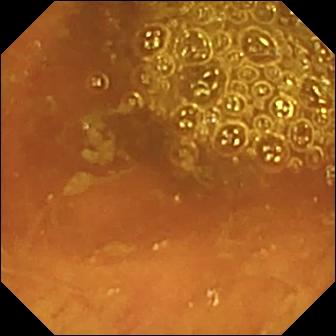Wireless capsule endoscopy snapshot taken in the ileo-cecal valve region.